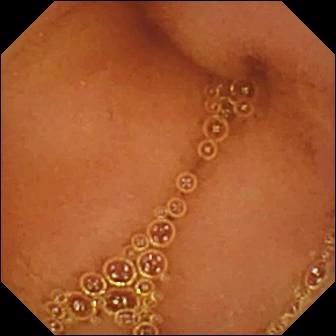Normal clean mucosa (336×336).